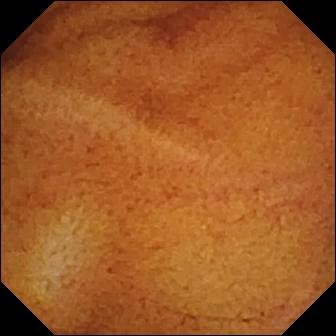{"modality": "wireless capsule endoscopy", "segment": "small bowel", "category": "luminal finding", "finding": "normal clean mucosa"}